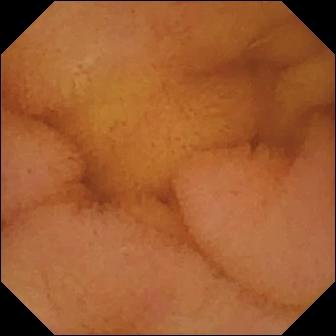WCE. Small bowel. Luminal finding. Impression: normal clean mucosa.